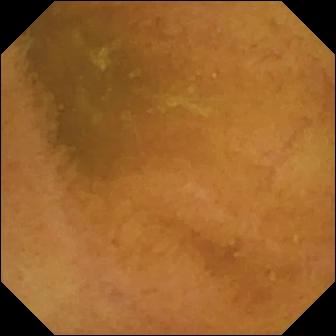Q: What does this VCE snapshot of the small intestine show?
A: Normal clean mucosa.